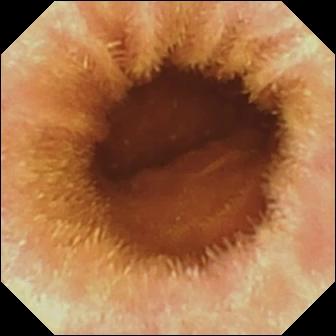Capsule endoscopy. Impression: normal clean mucosa.